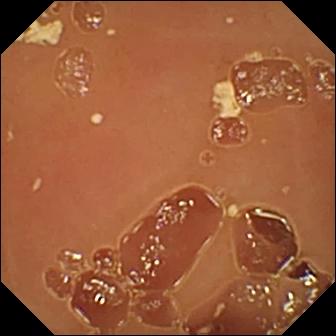Wireless capsule endoscopy — normal clean mucosa.